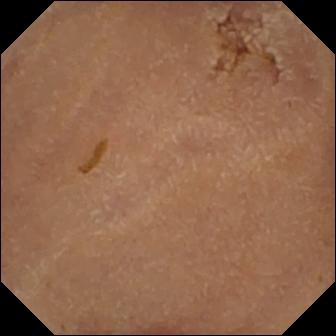- modality: WCE
- label: normal clean mucosa